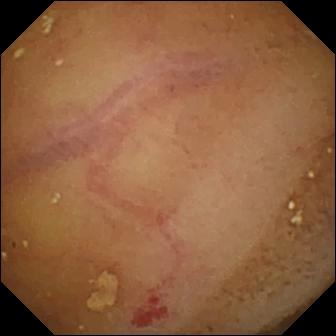Small-bowel capsule endoscopy — angiectasia.